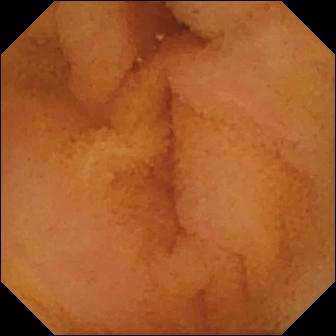Normal clean mucosa — wireless capsule endoscopy snapshot of the small bowel.